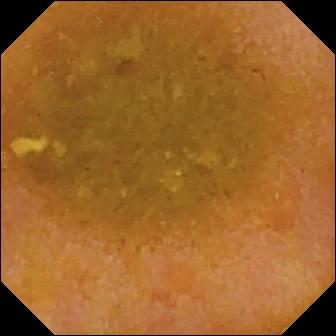Capsule endoscopy frame, small intestine
Impression: reduced mucosal view (content or bubbles obscuring the mucosa)